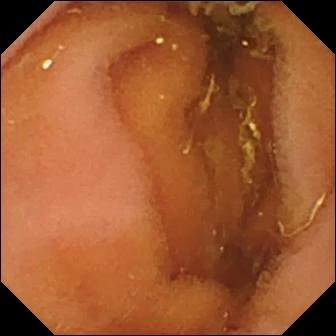modality: video capsule endoscopy; segment: small intestine; finding: normal clean mucosa